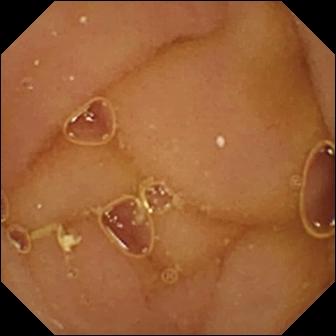VCE frame (small intestine), 336×336. Normal clean mucosa.